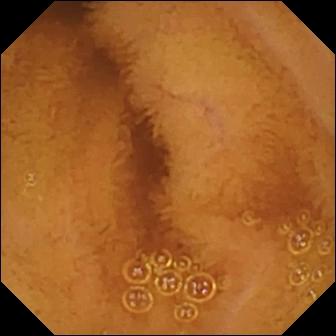Small-bowel capsule endoscopy snapshot of the small intestine showing normal clean mucosa.